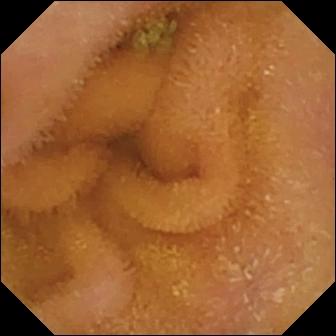Capsule endoscopy view of the small intestine showing normal clean mucosa.